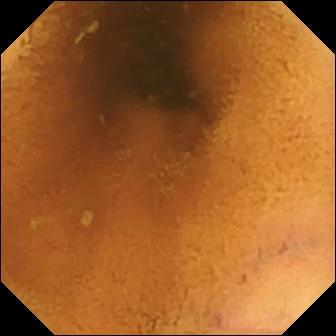Video capsule endoscopy snapshot, 336×336. Normal clean mucosa.